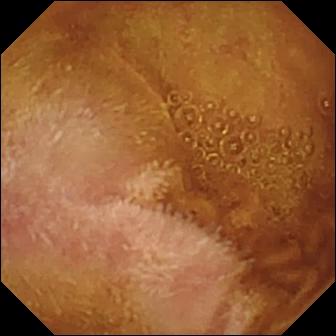PROCEDURE: Small-bowel capsule endoscopy.
SEGMENT: Small bowel.
FINDINGS: Normal clean mucosa.